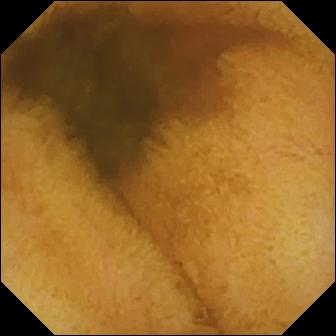- modality: capsule endoscopy
- label: normal clean mucosa